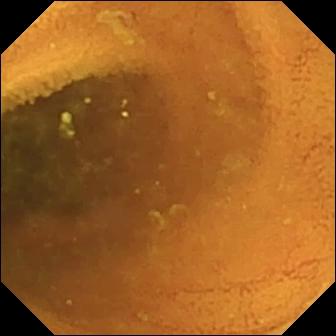This wireless capsule endoscopy frame shows normal clean mucosa.